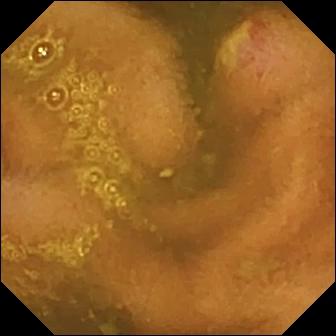Wireless capsule endoscopy. Impression: ulcer.